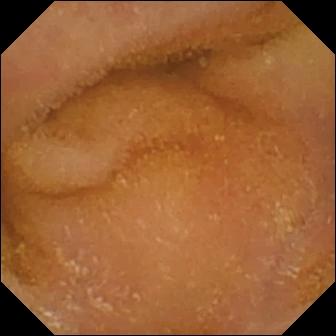Capsule endoscopy — normal clean mucosa.